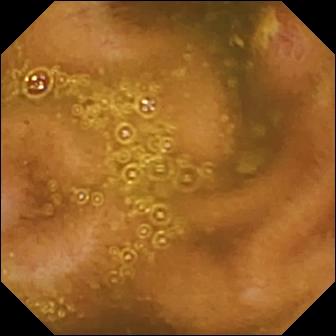- modality: video capsule endoscopy
- category: luminal finding
- impression: ulcer